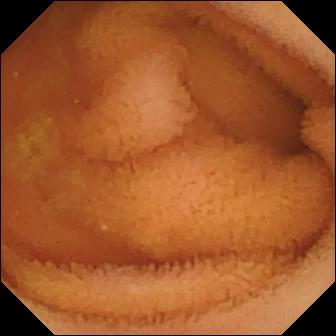Q: What does this small-bowel capsule endoscopy frame show?
A: Normal clean mucosa.